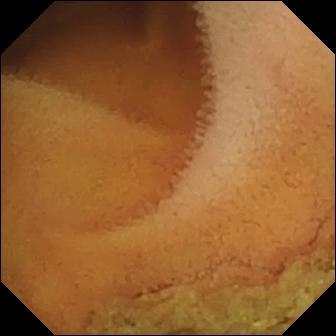VCE — normal clean mucosa.